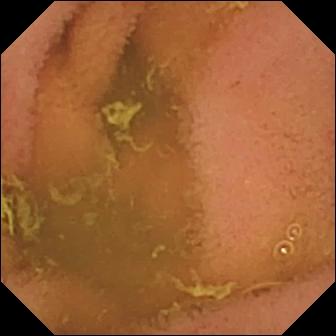Video capsule endoscopy — normal clean mucosa.